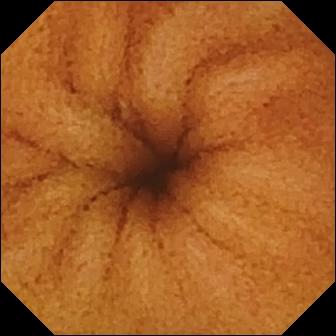modality: VCE
segment: small bowel
observation: normal clean mucosa